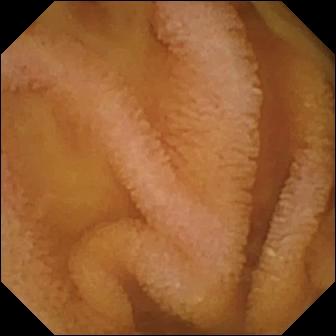Q: What does this wireless capsule endoscopy image show?
A: Normal clean mucosa.